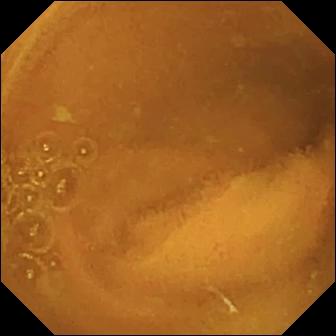Wireless capsule endoscopy frame of the small intestine showing normal clean mucosa.